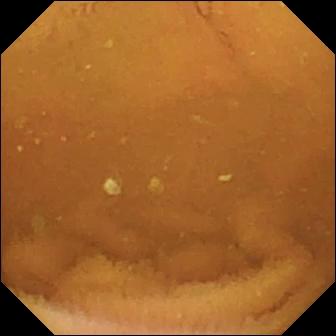VCE. Finding: normal clean mucosa.